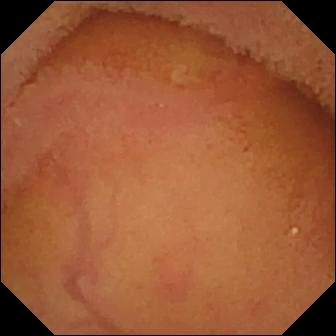Normal clean mucosa.